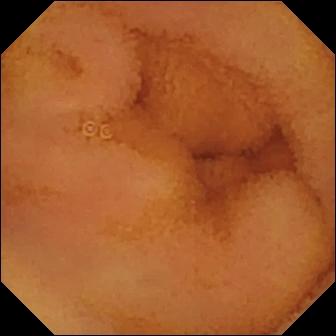Normal clean mucosa — WCE still.